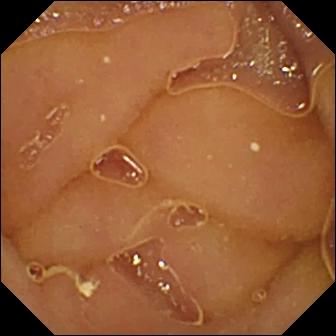Q: What does this WCE frame show?
A: Normal clean mucosa.